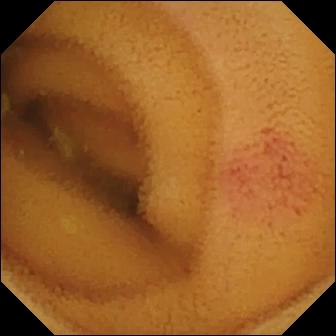- modality: video capsule endoscopy
- impression: angiectasia